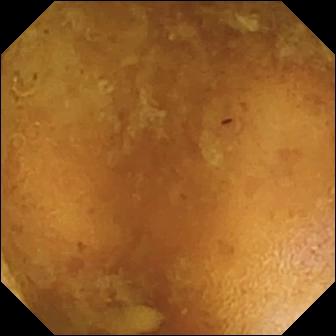Reduced mucosal view (content or bubbles obscuring the mucosa).